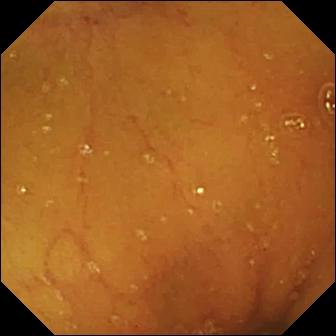Normal clean mucosa — wireless capsule endoscopy image.